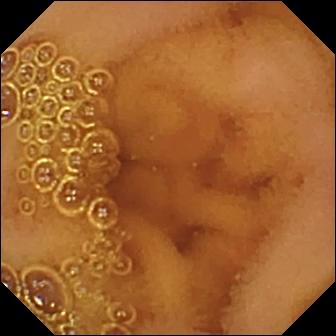PROCEDURE: WCE.
FINDINGS: Normal clean mucosa.